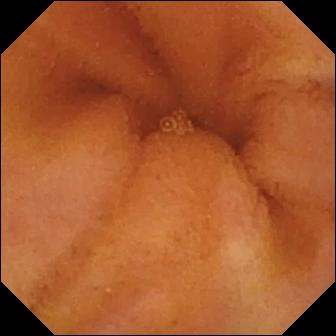modality: video capsule endoscopy
segment: small bowel
finding: normal clean mucosa